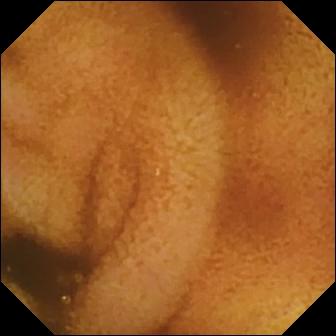modality: WCE | impression: normal clean mucosa